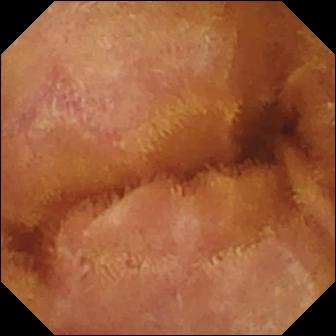Capsule endoscopy image showing normal clean mucosa.